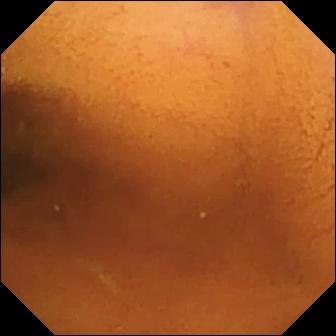WCE frame (small intestine), 336×336. Normal clean mucosa.